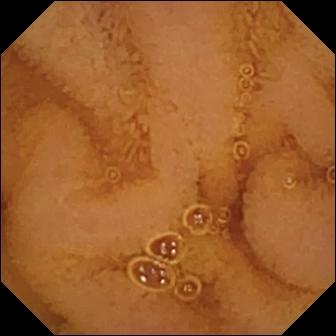PROCEDURE: Video capsule endoscopy.
SEGMENT: Small bowel.
FINDINGS: Normal clean mucosa.